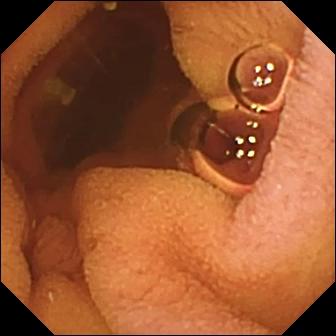{"modality": "WCE", "finding": "normal clean mucosa"}